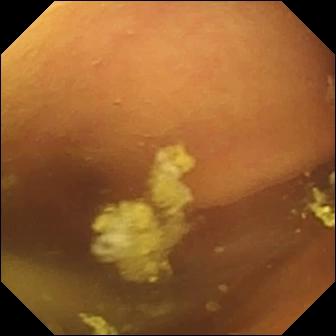This wireless capsule endoscopy snapshot shows foreign body (e.g. retained capsule, tablet residue).